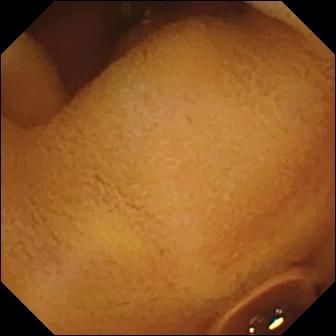Q: What does this wireless capsule endoscopy frame show?
A: Normal clean mucosa.